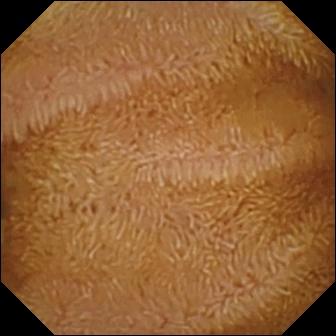Capsule endoscopy. Small intestine. Finding: normal clean mucosa.